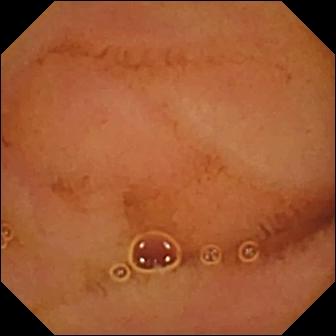Capsule endoscopy. Finding: normal clean mucosa.